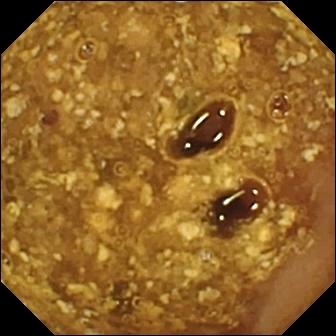Capsule endoscopy — reduced mucosal view (content or bubbles obscuring the mucosa).